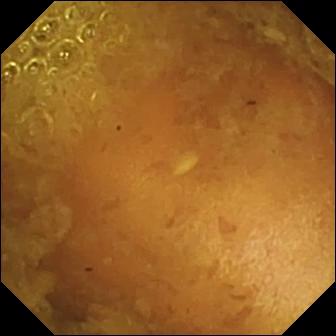Wireless capsule endoscopy. Small intestine. Luminal finding. Label: reduced mucosal view (content or bubbles obscuring the mucosa).